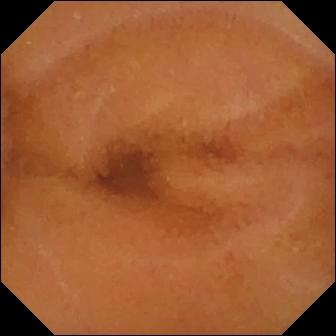Capsule endoscopy view, small intestine
Impression: normal clean mucosa